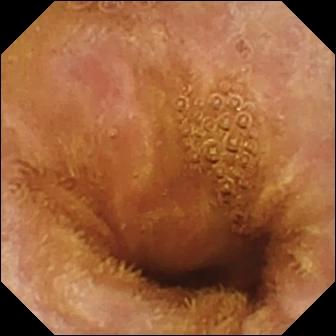- modality: wireless capsule endoscopy
- category: luminal finding
- label: normal clean mucosa